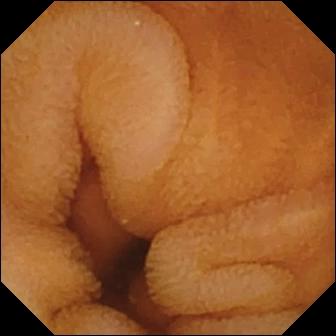Capsule endoscopy snapshot
Label: normal clean mucosa